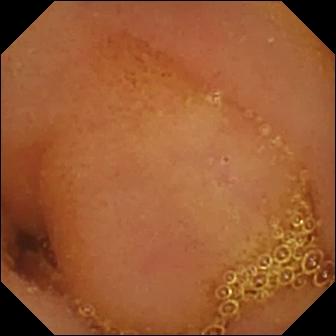Video capsule endoscopy. Label: normal clean mucosa.